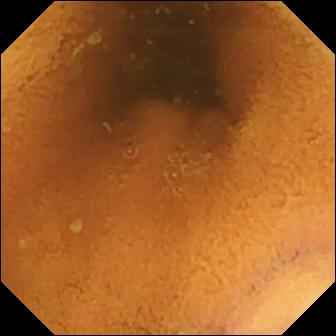modality: wireless capsule endoscopy; segment: small bowel; category: luminal finding; label: normal clean mucosa